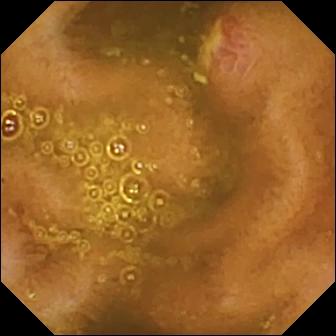{"modality": "small-bowel capsule endoscopy", "finding": "ulcer"}